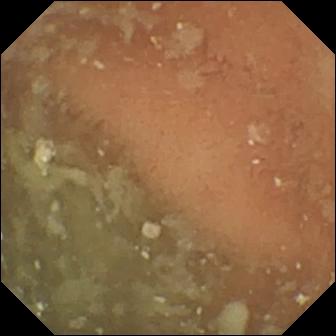Capsule endoscopy image (small bowel). Normal clean mucosa.